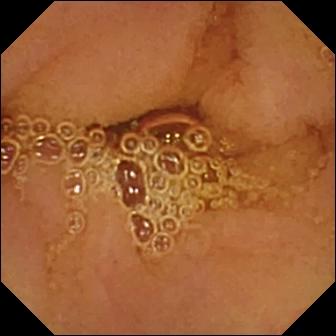WCE still showing normal clean mucosa.